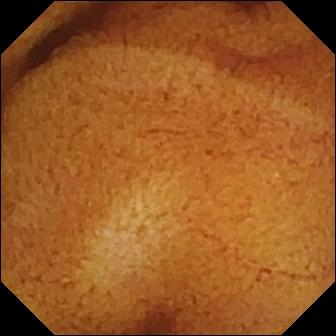WCE frame (small intestine). Normal clean mucosa.